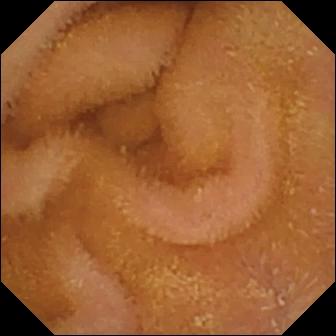Wireless capsule endoscopy frame (small intestine). Normal clean mucosa.